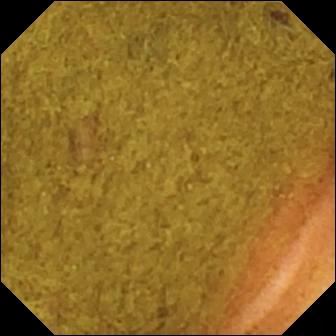Capsule endoscopy frame, 336×336. Taken in the ileo-cecal valve region.